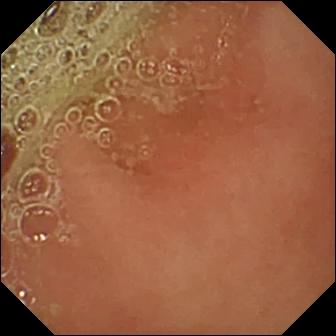Pylorus region (the junction between the stomach and the small bowel) — wireless capsule endoscopy frame.